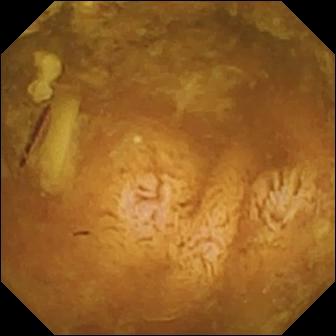modality: VCE; segment: small bowel; category: luminal finding; finding: reduced mucosal view (content or bubbles obscuring the mucosa)